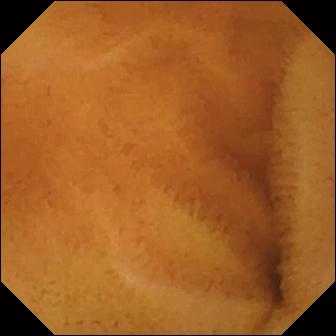- modality: small-bowel capsule endoscopy
- impression: normal clean mucosa